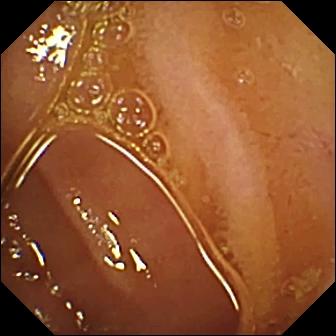VCE frame of the small bowel showing normal clean mucosa.